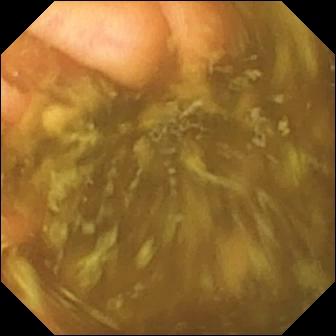This VCE view was taken in the ileo-cecal valve region (where the capsule passes from the small bowel into the large bowel).